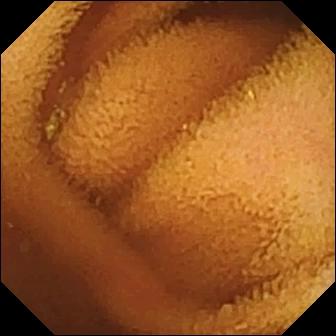PROCEDURE: Capsule endoscopy.
FINDINGS: Normal clean mucosa.